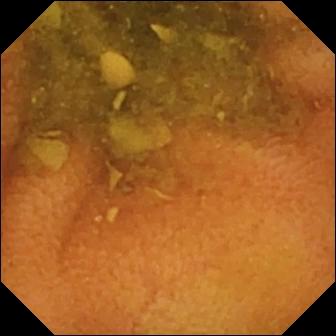Normal clean mucosa — VCE frame.